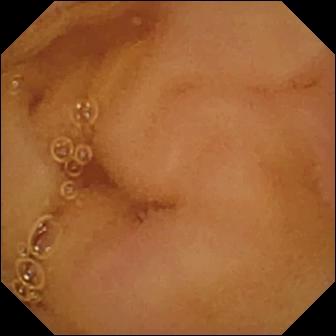Small-bowel capsule endoscopy — normal clean mucosa.